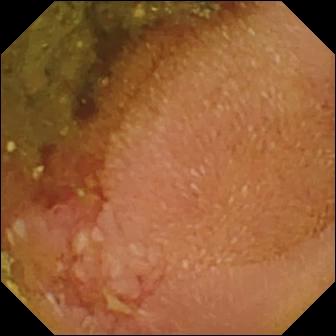modality: wireless capsule endoscopy
impression: erosion